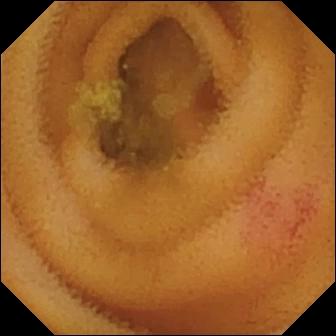Q: What does this wireless capsule endoscopy image show?
A: Angiectasia.